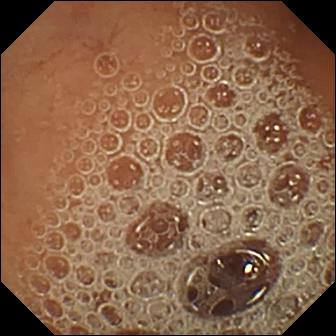modality: small-bowel capsule endoscopy | label: normal clean mucosa